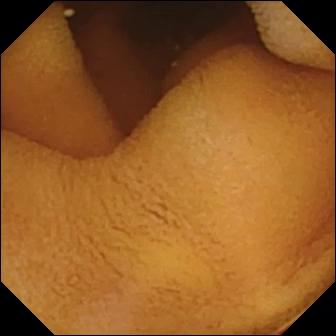WCE. Luminal finding. Observation: normal clean mucosa.